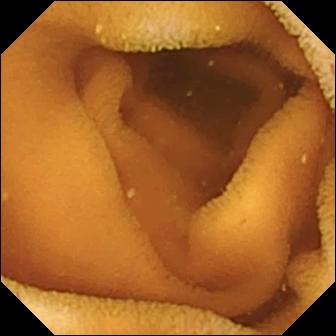Wireless capsule endoscopy — normal clean mucosa.